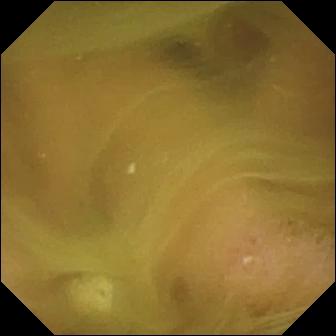{"modality": "wireless capsule endoscopy", "finding": "normal clean mucosa"}